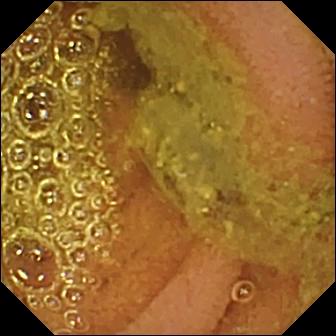PROCEDURE: Wireless capsule endoscopy.
SEGMENT: Small intestine.
FINDINGS: Normal clean mucosa.